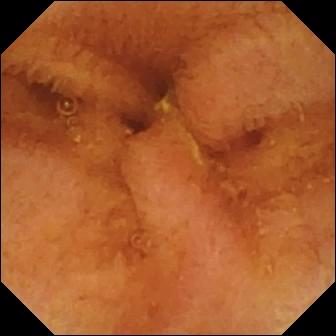Video capsule endoscopy view of the small bowel showing normal clean mucosa.